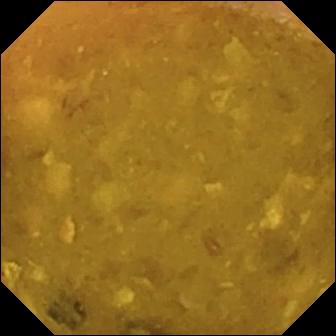Reduced mucosal view (content or bubbles obscuring the mucosa) — VCE snapshot.